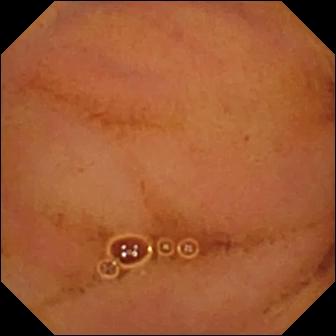modality: video capsule endoscopy
observation: normal clean mucosa